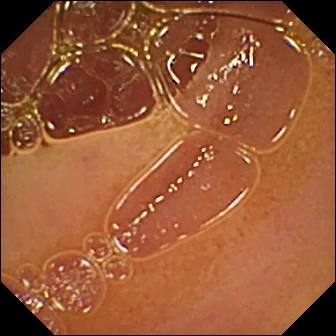PROCEDURE: Video capsule endoscopy.
SEGMENT: Small bowel.
FINDINGS: Normal clean mucosa.